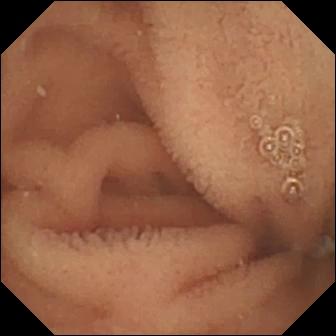Q: What does this wireless capsule endoscopy snapshot show?
A: Normal clean mucosa.